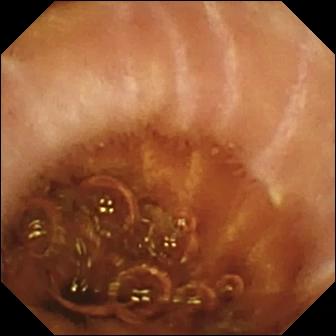Small-bowel capsule endoscopy image showing normal clean mucosa.